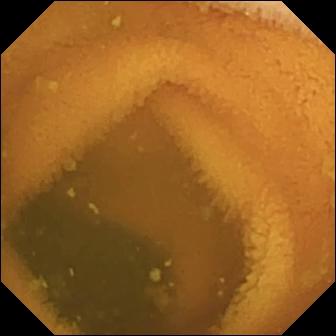VCE — normal clean mucosa.